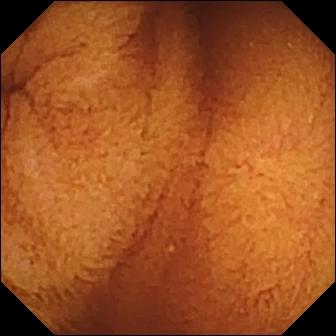Q: What does this wireless capsule endoscopy snapshot show?
A: Normal clean mucosa.